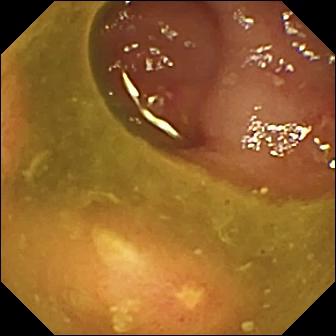Video capsule endoscopy still
Observation: ulcer